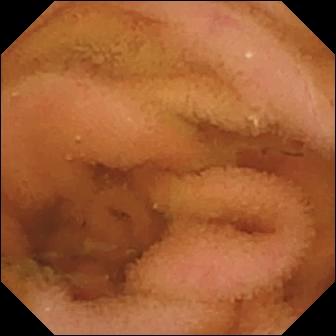PROCEDURE: Small-bowel capsule endoscopy.
SEGMENT: Small intestine.
FINDINGS: Normal clean mucosa.